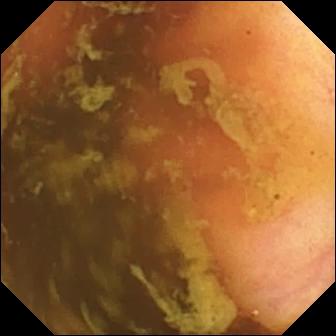This video capsule endoscopy snapshot was taken in the ileo-cecal valve region (the transition from the small bowel to the large bowel).